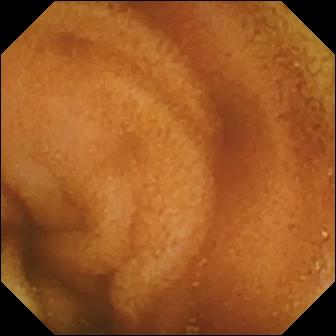Q: What does this VCE view show?
A: Normal clean mucosa.